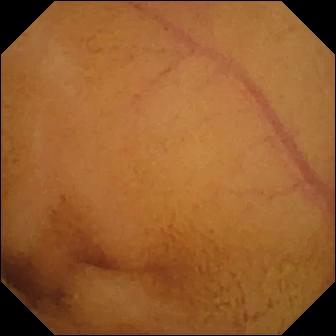Capsule endoscopy — normal clean mucosa.